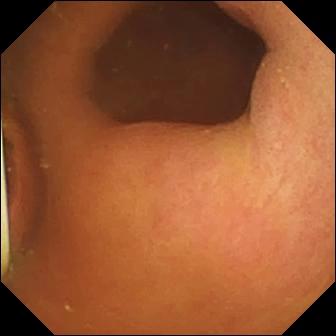{"modality": "small-bowel capsule endoscopy", "category": "luminal finding", "finding": "foreign body (e.g. retained capsule, tablet residue)"}